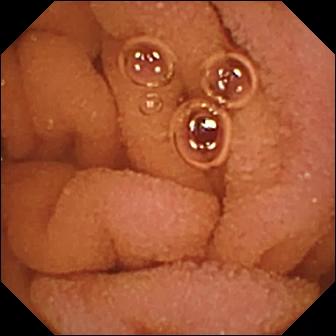This wireless capsule endoscopy image of the small bowel shows normal clean mucosa.